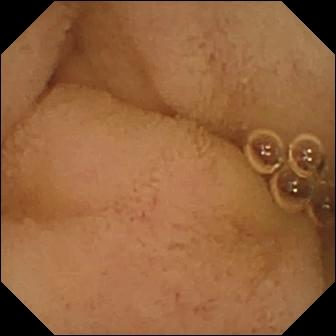modality: small-bowel capsule endoscopy; category: anatomical landmark; label: pylorus region (the junction between the stomach and the small bowel)